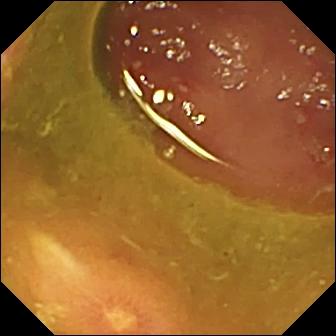Q: What does this WCE snapshot show?
A: Ulcer.